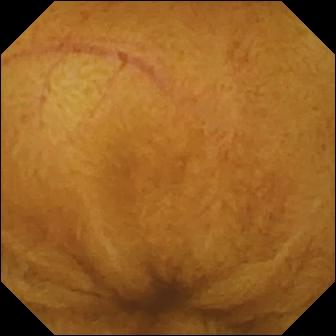{"modality": "small-bowel capsule endoscopy", "finding": "normal clean mucosa"}